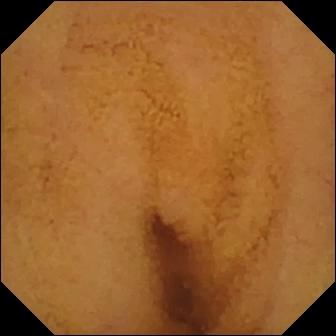This capsule endoscopy view of the small bowel shows normal clean mucosa.